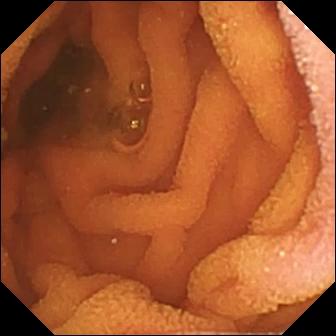Capsule endoscopy image
Finding: normal clean mucosa